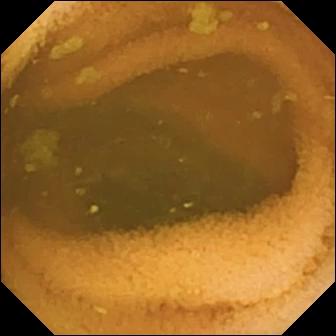PROCEDURE: WCE.
FINDINGS: Normal clean mucosa.